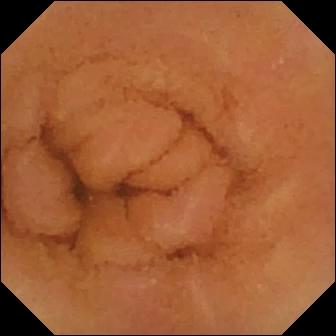WCE frame, small intestine
Finding: normal clean mucosa